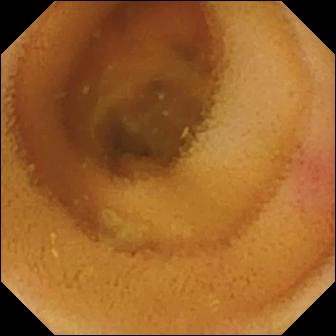Angiectasia — video capsule endoscopy view.